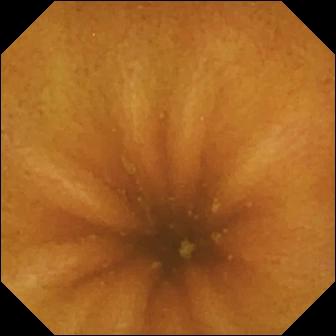This VCE view of the small bowel shows normal clean mucosa.